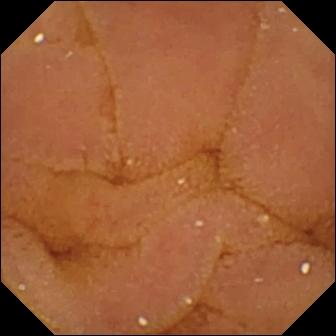- modality: video capsule endoscopy
- finding: normal clean mucosa